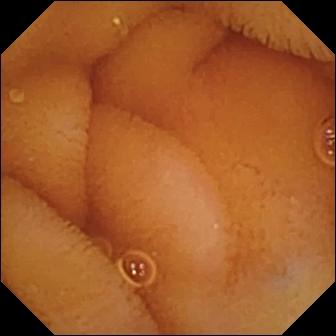modality: video capsule endoscopy
segment: small intestine
category: luminal finding
impression: normal clean mucosa